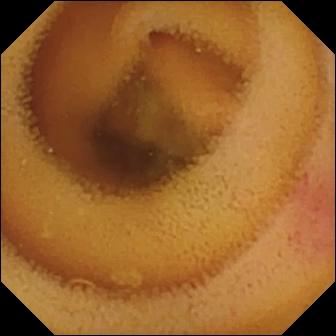PROCEDURE: VCE.
FINDINGS: Angiectasia.